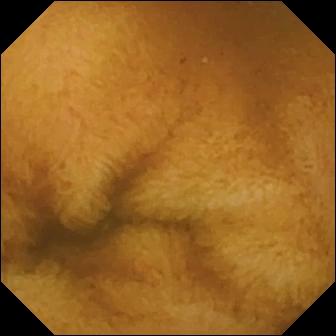Normal clean mucosa — wireless capsule endoscopy snapshot of the small bowel.